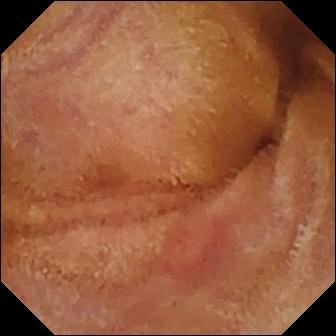Normal clean mucosa.